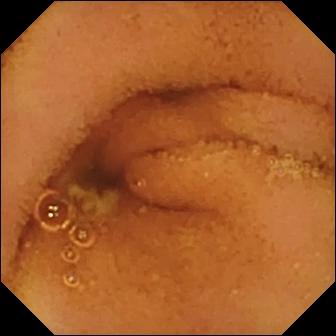Capsule endoscopy. Small bowel. Observation: normal clean mucosa.